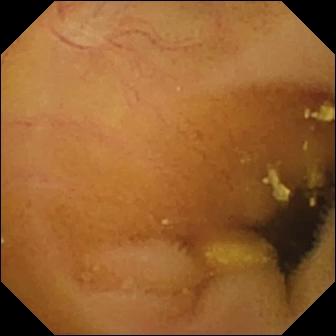Small-bowel capsule endoscopy still showing lymphangiectasia.